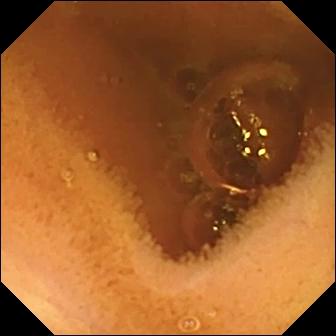- modality: small-bowel capsule endoscopy
- segment: small bowel
- label: normal clean mucosa